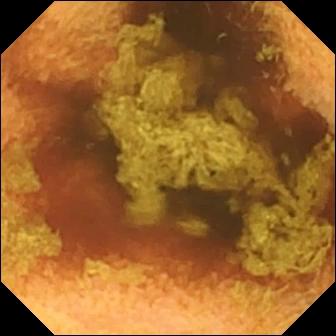Normal clean mucosa.